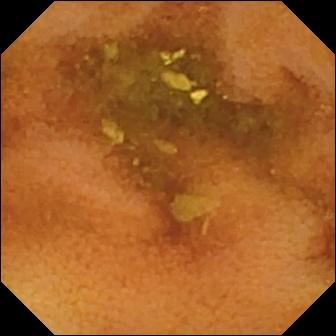modality: capsule endoscopy | finding: normal clean mucosa